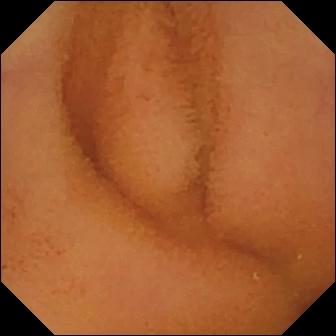PROCEDURE: Video capsule endoscopy.
SEGMENT: Small intestine.
FINDINGS: Normal clean mucosa.